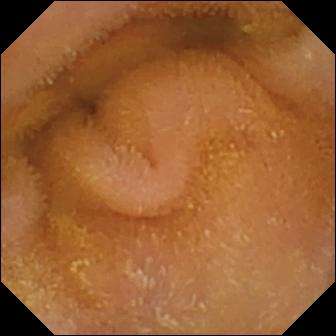VCE still showing normal clean mucosa.